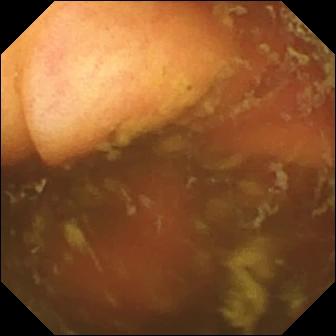modality: small-bowel capsule endoscopy
category: anatomical landmark
location: ileo-cecal valve region (the transition from the small bowel to the large bowel)